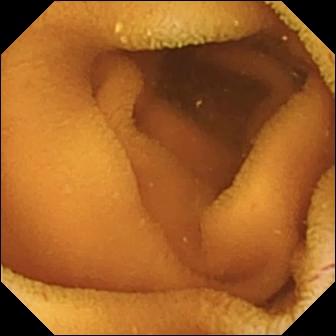Wireless capsule endoscopy — normal clean mucosa.